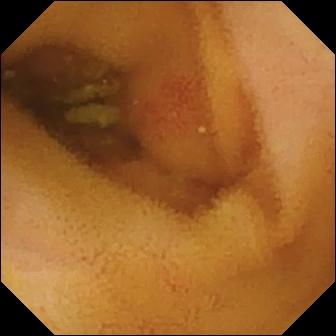VCE. Impression: angiectasia.